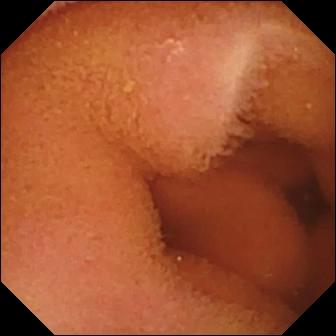Wireless capsule endoscopy. Finding: normal clean mucosa.